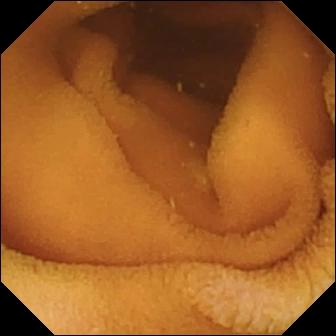- modality: wireless capsule endoscopy
- segment: small intestine
- impression: normal clean mucosa